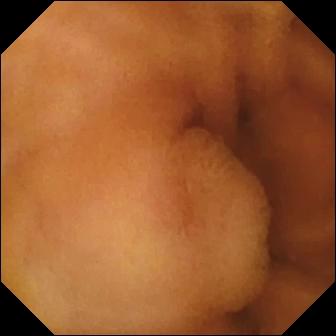Q: What does this wireless capsule endoscopy view show?
A: Normal clean mucosa.